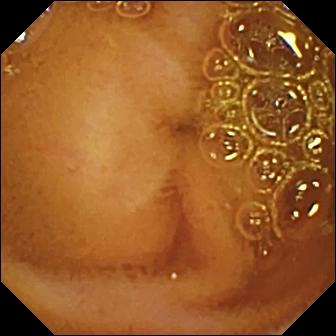{"modality": "video capsule endoscopy", "finding": "normal clean mucosa"}